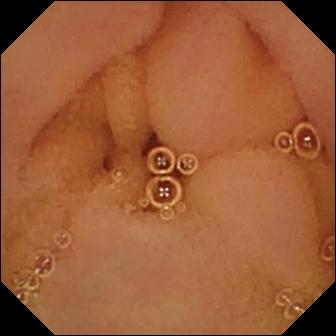{"modality": "WCE", "finding": "normal clean mucosa"}